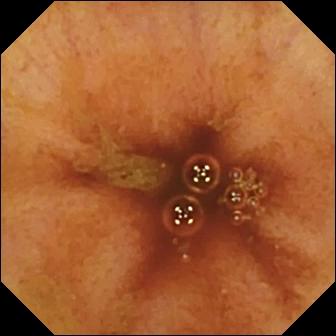Q: Where in the digestive tract was this wireless capsule endoscopy still taken?
A: Ileo-cecal valve region.